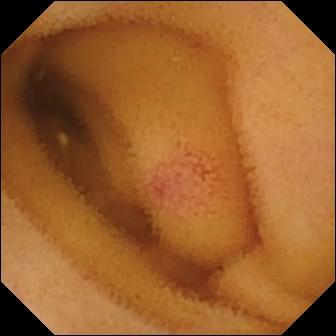Angiectasia.